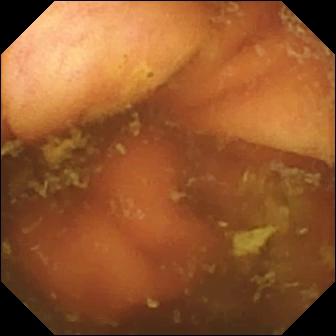Capsule endoscopy frame
Position: ileo-cecal valve region (the transition from the small bowel to the large bowel)